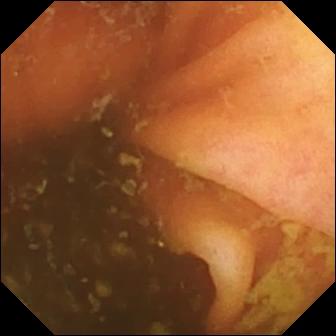This small-bowel capsule endoscopy still was taken in the ileo-cecal valve region (the transition from the small bowel to the large bowel).